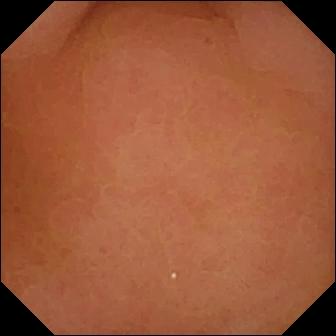- modality: small-bowel capsule endoscopy
- video segment: pylorus region (the junction between the stomach and the small bowel)